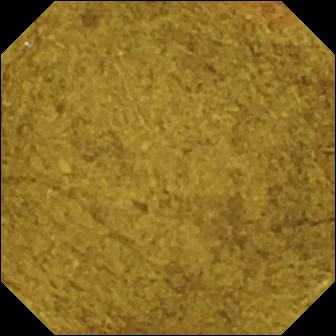Capsule endoscopy. Near an anatomical landmark. Position: ileo-cecal valve region (the transition from the small bowel to the large bowel).